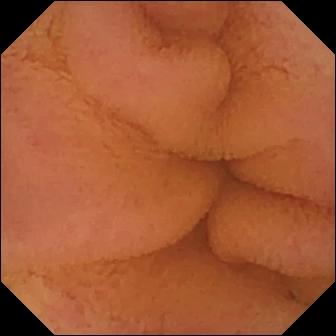{"modality": "VCE", "finding": "normal clean mucosa"}